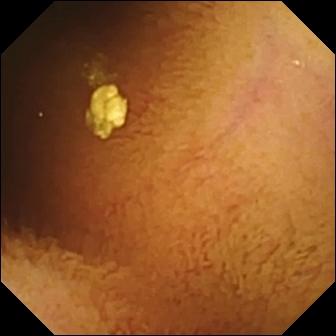Normal clean mucosa — WCE still.